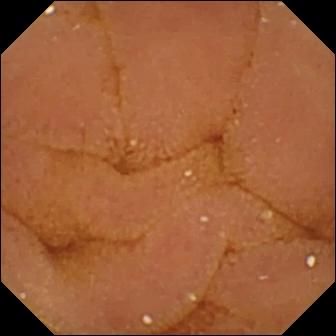- modality: WCE
- label: normal clean mucosa